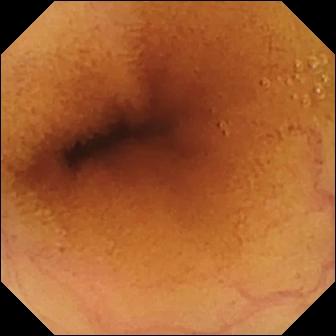{"modality": "wireless capsule endoscopy", "segment": "small intestine", "category": "luminal finding", "finding": "normal clean mucosa"}